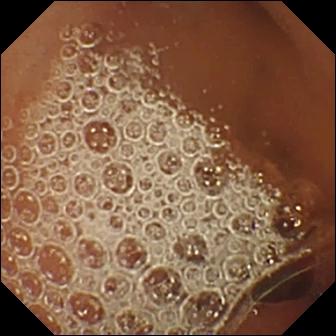Video capsule endoscopy frame showing normal clean mucosa.